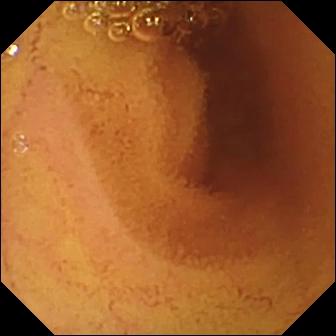{"modality": "wireless capsule endoscopy", "segment": "small bowel", "category": "luminal finding", "finding": "normal clean mucosa"}